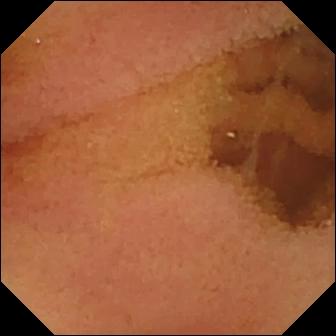{"modality": "small-bowel capsule endoscopy", "category": "luminal finding", "finding": "normal clean mucosa"}